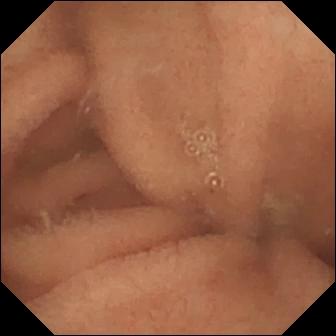Small-bowel capsule endoscopy frame, small intestine
Observation: normal clean mucosa